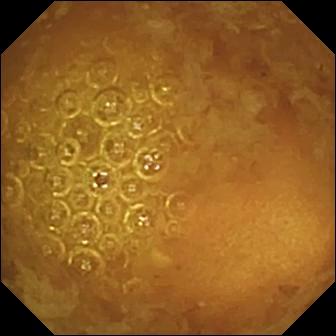- modality: capsule endoscopy
- observation: reduced mucosal view (content or bubbles obscuring the mucosa)